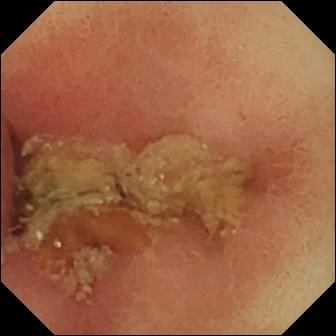Small-bowel capsule endoscopy frame. Taken in the pylorus region.